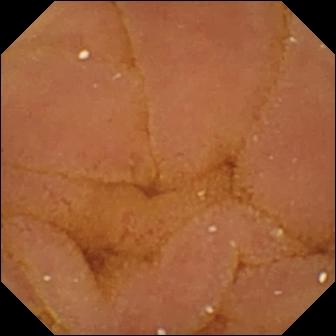Small-bowel capsule endoscopy image, 336×336. Normal clean mucosa.